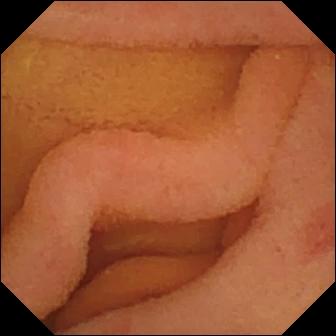WCE frame
Observation: erosion